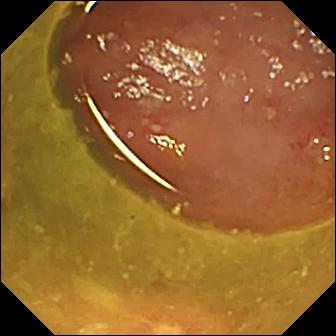PROCEDURE: WCE.
FINDINGS: Ulcer.